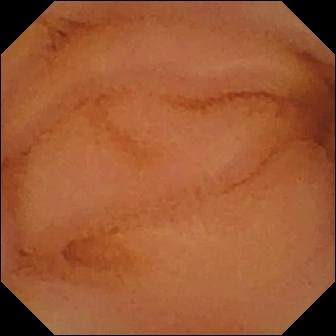VCE — normal clean mucosa.